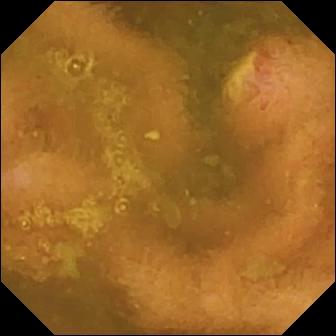Ulcer.